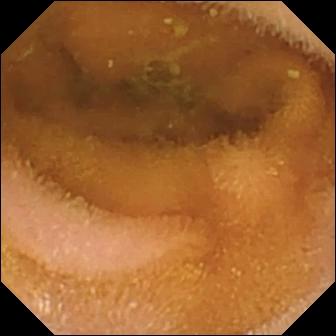Normal clean mucosa.